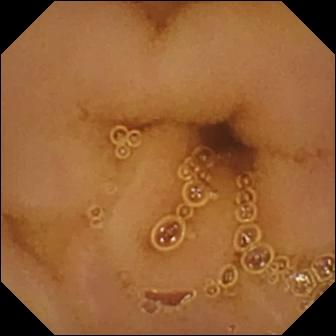WCE still, small bowel
Finding: normal clean mucosa